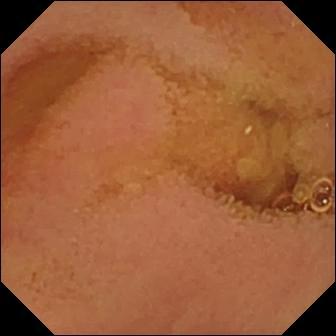modality: WCE; segment: small intestine; label: normal clean mucosa